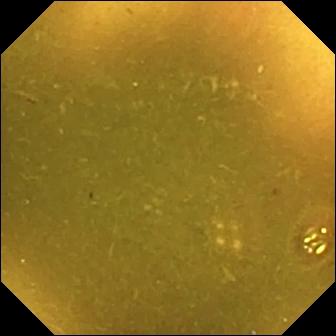Capsule endoscopy — ileo-cecal valve region.